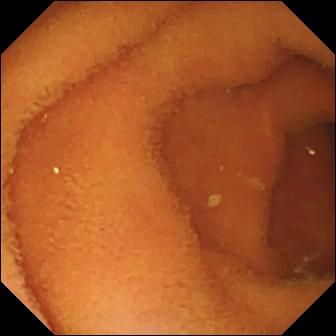VCE image (small bowel). Normal clean mucosa.